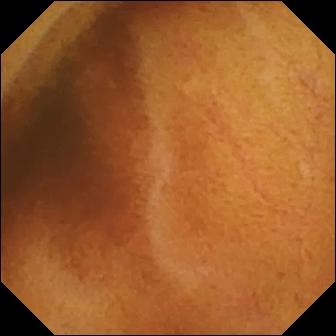Small-bowel capsule endoscopy view, small intestine
Observation: normal clean mucosa